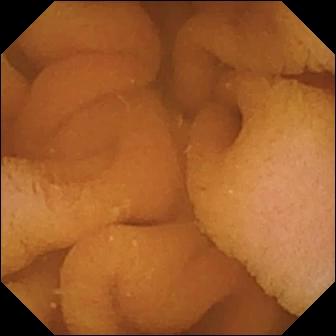- modality: capsule endoscopy
- segment: small bowel
- observation: normal clean mucosa